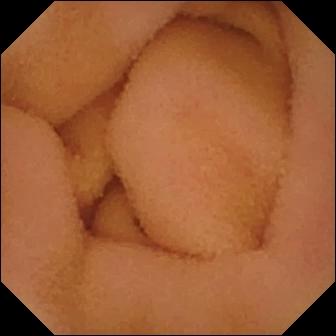PROCEDURE: Wireless capsule endoscopy.
SEGMENT: Small intestine.
FINDINGS: Normal clean mucosa.